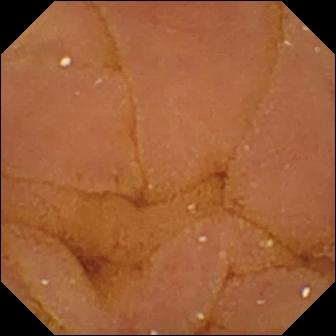Normal clean mucosa — WCE image.